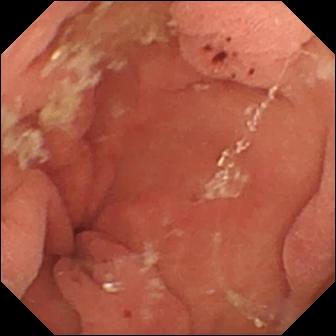PROCEDURE: Video capsule endoscopy.
FINDINGS: Hematin (altered blood) on the mucosal surface.